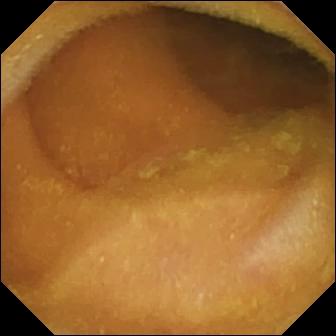{"modality": "small-bowel capsule endoscopy", "finding": "normal clean mucosa"}